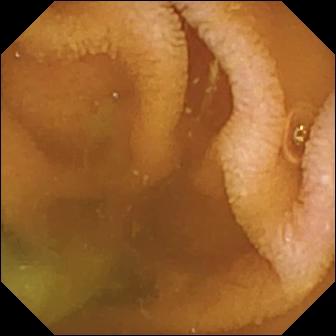Normal clean mucosa — wireless capsule endoscopy view.